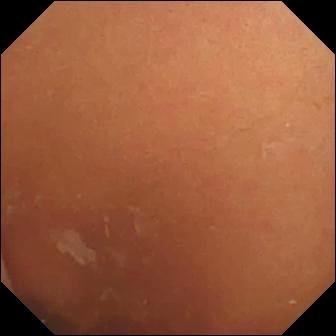PROCEDURE: Capsule endoscopy.
FINDINGS: Normal clean mucosa.